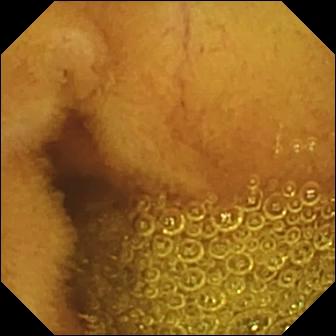Q: What does this WCE view show?
A: Normal clean mucosa.